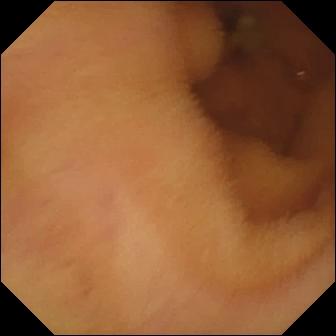VCE view of the small bowel showing normal clean mucosa.